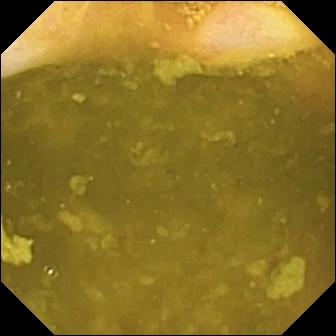modality: VCE; category: anatomical landmark; position: ileo-cecal valve region (the transition from the small bowel to the large bowel)